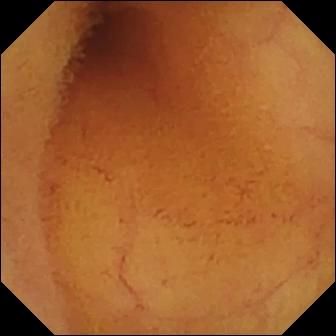VCE. Small intestine. Luminal finding. Impression: normal clean mucosa.